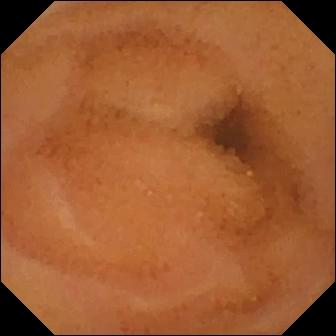- modality: video capsule endoscopy
- segment: small intestine
- observation: normal clean mucosa